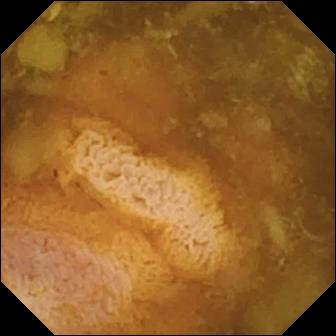{"modality": "small-bowel capsule endoscopy", "segment": "small intestine", "finding": "reduced mucosal view (content or bubbles obscuring the mucosa)"}